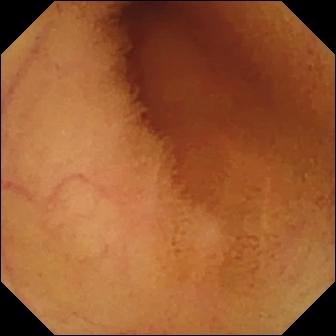PROCEDURE: Wireless capsule endoscopy.
SEGMENT: Small bowel.
FINDINGS: Normal clean mucosa.